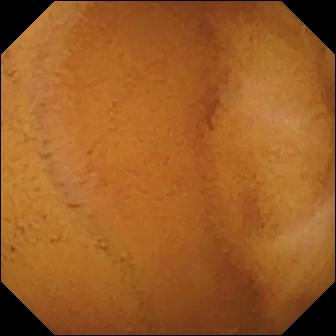PROCEDURE: Wireless capsule endoscopy.
FINDINGS: Normal clean mucosa.